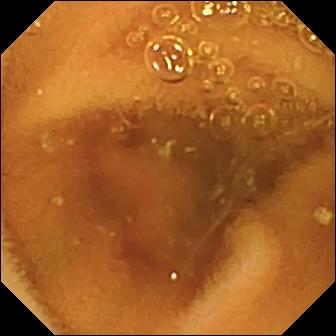Video capsule endoscopy. Label: normal clean mucosa.